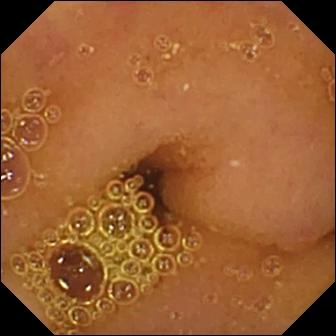{"modality": "WCE", "finding": "normal clean mucosa"}